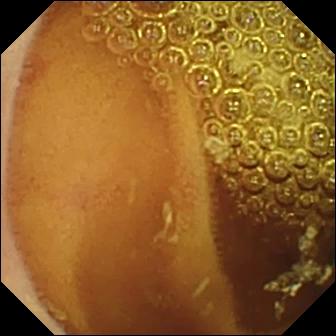Normal clean mucosa — video capsule endoscopy view of the small bowel.